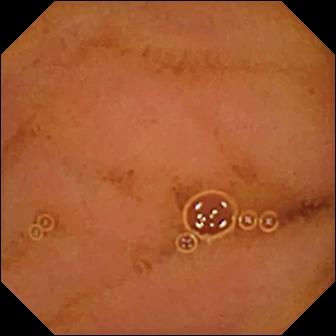Capsule endoscopy frame. Normal clean mucosa.